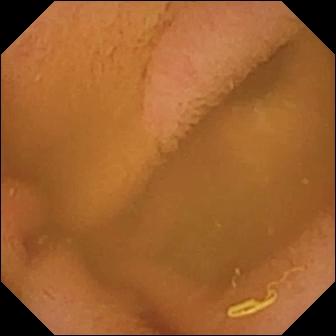Video capsule endoscopy snapshot
Impression: normal clean mucosa